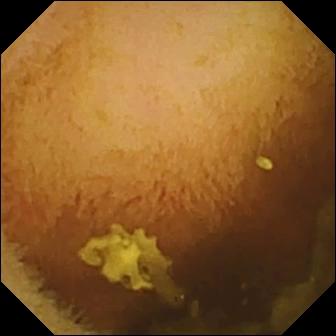VCE view, 336×336. Normal clean mucosa.